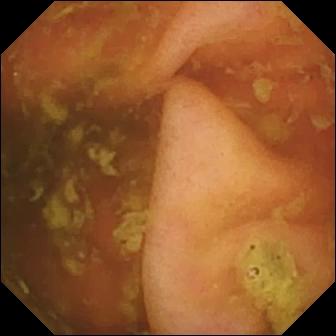modality: capsule endoscopy; location: ileo-cecal valve region (the transition from the small bowel to the large bowel)